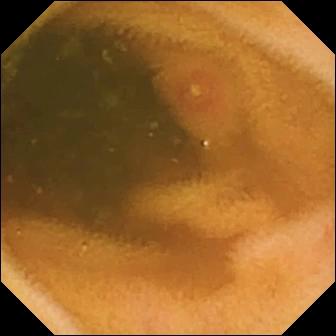PROCEDURE: Capsule endoscopy.
FINDINGS: Erosion.